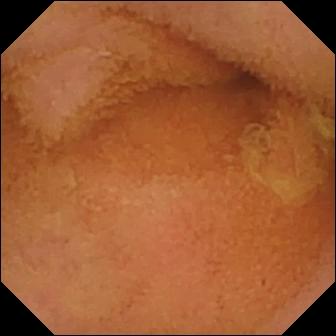This capsule endoscopy image shows normal clean mucosa.